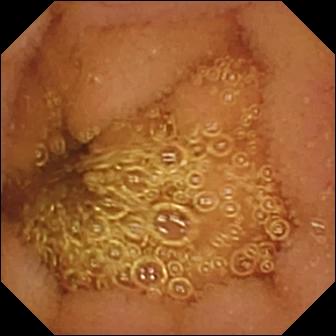Q: What does this WCE view of the small intestine show?
A: Normal clean mucosa.